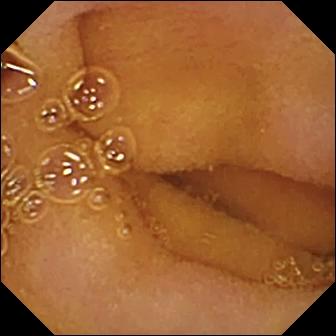Small-bowel capsule endoscopy still
Finding: normal clean mucosa